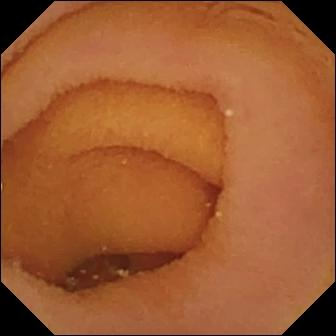Pylorus region (where the capsule passes from the stomach into the small bowel) — wireless capsule endoscopy still.